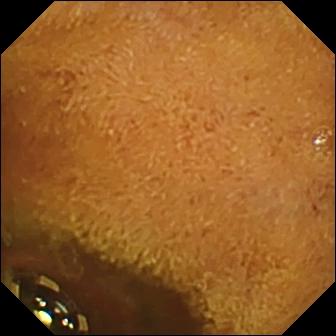modality: VCE
finding: foreign body (e.g. retained capsule, tablet residue)